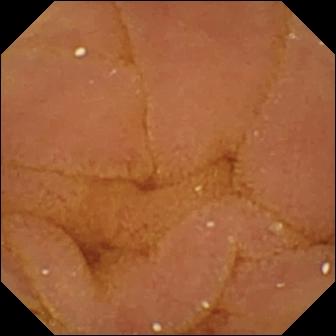WCE. Small intestine. Luminal finding. Finding: normal clean mucosa.